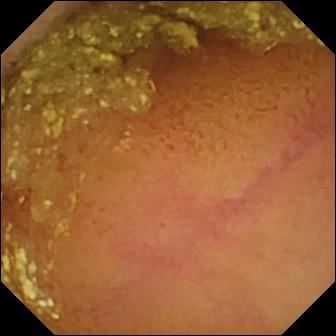- modality: VCE
- segment: small intestine
- label: normal clean mucosa